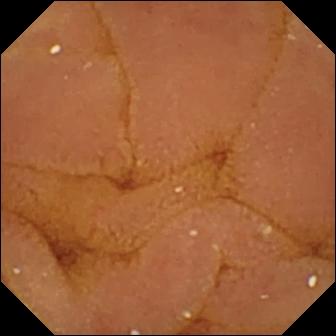modality: video capsule endoscopy | segment: small intestine | label: normal clean mucosa